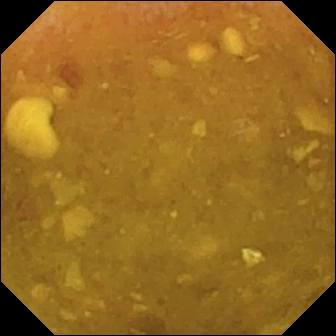VCE still, small bowel
Finding: reduced mucosal view (content or bubbles obscuring the mucosa)